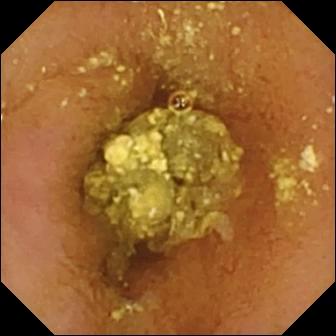Normal clean mucosa — VCE image.